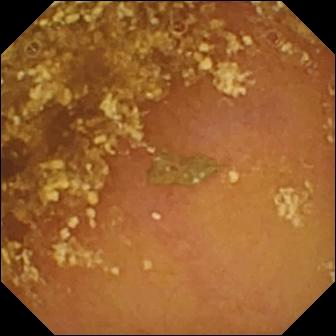- modality: capsule endoscopy
- segment: small intestine
- category: luminal finding
- finding: reduced mucosal view (content or bubbles obscuring the mucosa)